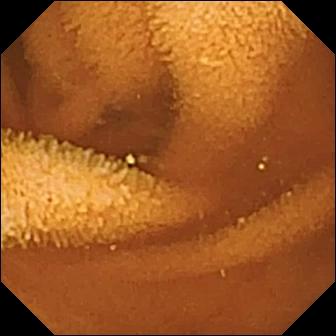Normal clean mucosa.